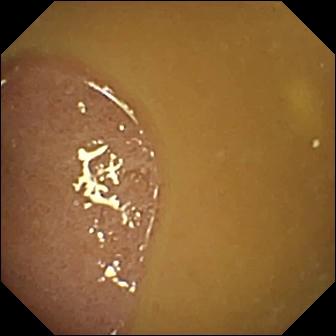Video capsule endoscopy. Position: ileo-cecal valve region (where the capsule passes from the small bowel into the large bowel).